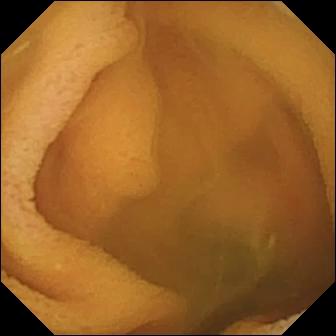{"modality": "VCE", "finding": "normal clean mucosa"}